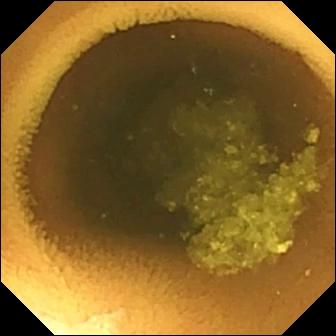{"modality": "wireless capsule endoscopy", "segment": "small bowel", "finding": "normal clean mucosa"}